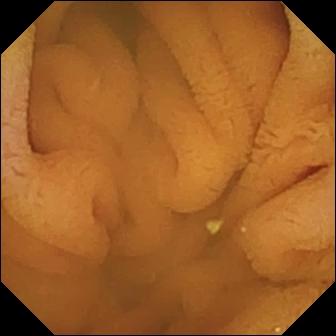modality: capsule endoscopy
observation: normal clean mucosa